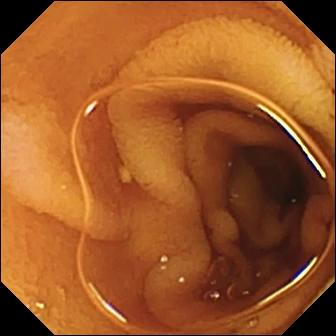This video capsule endoscopy snapshot shows normal clean mucosa.